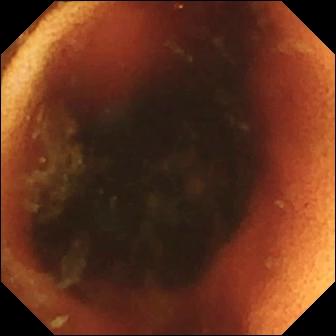modality: VCE; category: anatomical landmark; location: ileo-cecal valve region (the transition from the small bowel to the large bowel)